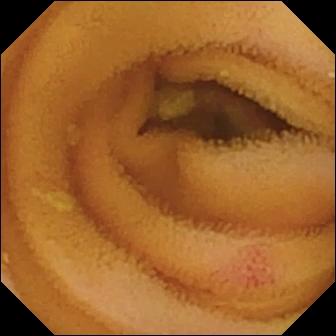Video capsule endoscopy image. Angiectasia.